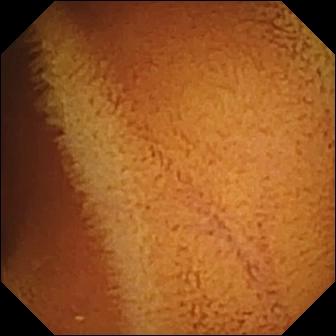{"modality": "VCE", "finding": "normal clean mucosa"}